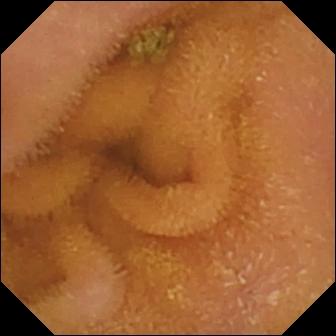This video capsule endoscopy frame shows normal clean mucosa.